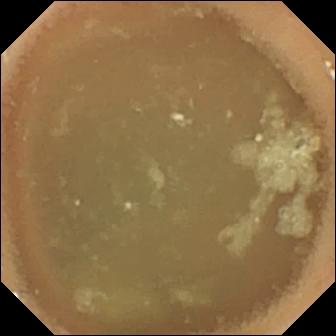Small-bowel capsule endoscopy still, small intestine
Impression: normal clean mucosa